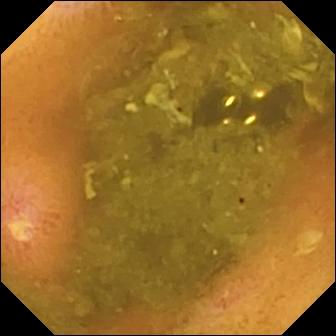- modality: wireless capsule endoscopy
- category: luminal finding
- observation: ulcer